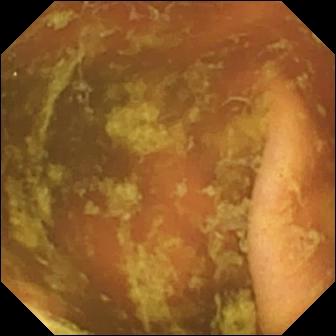modality: WCE; label: ileo-cecal valve region